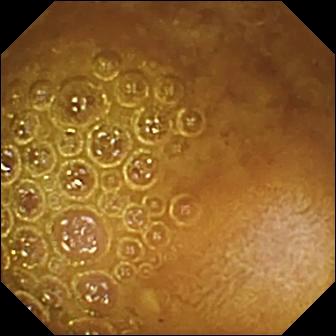Capsule endoscopy. Luminal finding. Impression: reduced mucosal view (content or bubbles obscuring the mucosa).